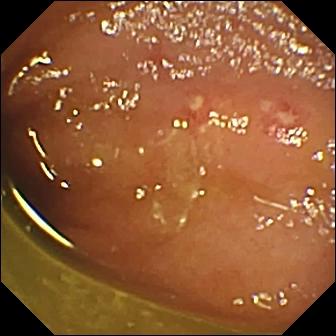Ulcer.